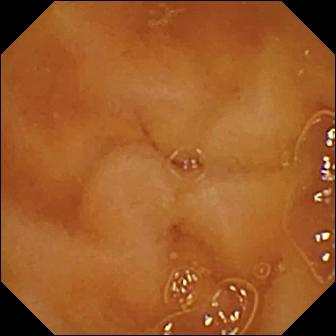Normal clean mucosa (336×336).